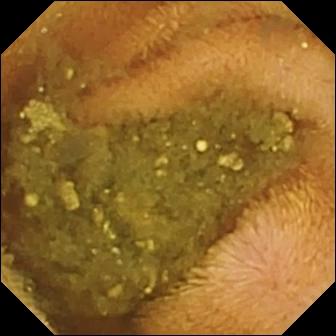Q: What does this small-bowel capsule endoscopy view show?
A: Reduced mucosal view (content or bubbles obscuring the mucosa).